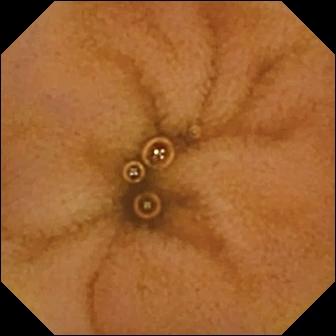This VCE still of the small intestine shows normal clean mucosa.